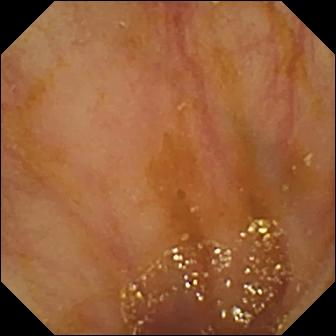{"modality": "VCE", "category": "anatomical landmark", "location": "ileo-cecal valve region (where the capsule passes from the small bowel into the large bowel)"}